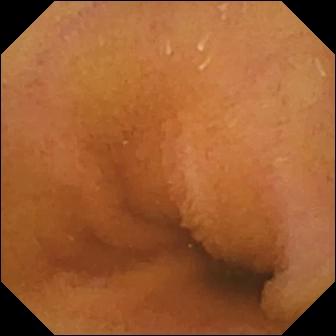WCE snapshot. Normal clean mucosa.